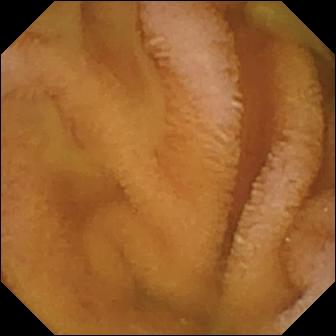- modality: video capsule endoscopy
- category: luminal finding
- impression: normal clean mucosa